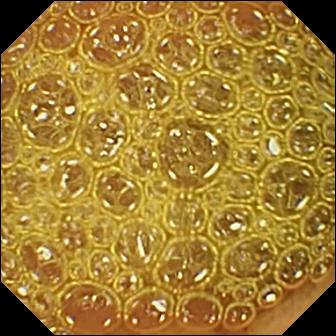PROCEDURE: Wireless capsule endoscopy.
SEGMENT: Small bowel.
FINDINGS: Reduced mucosal view (content or bubbles obscuring the mucosa).